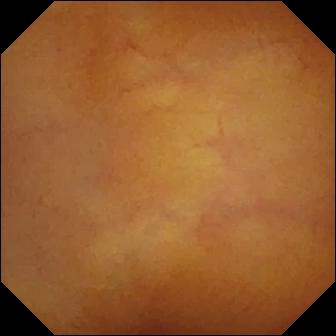Q: What does this VCE view show?
A: Normal clean mucosa.